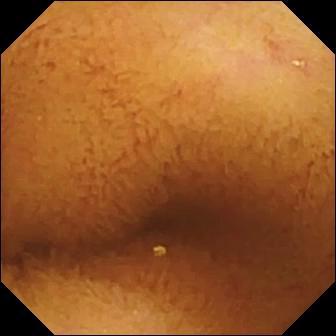WCE frame
Label: normal clean mucosa